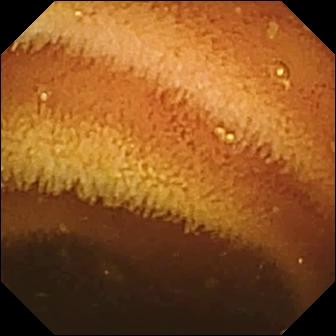VCE still showing normal clean mucosa.